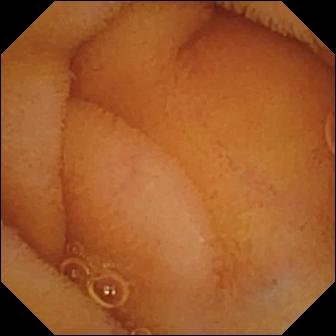{"modality": "WCE", "category": "luminal finding", "finding": "normal clean mucosa"}